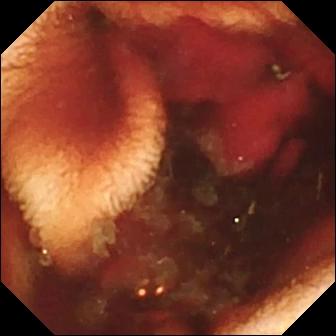WCE frame, 336×336. Fresh blood in the lumen.